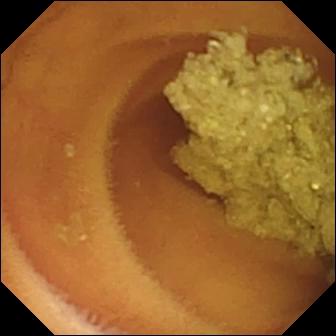Wireless capsule endoscopy view (small bowel). Normal clean mucosa.